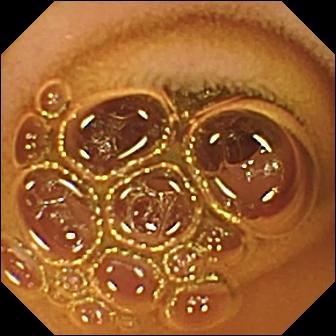Q: What does this capsule endoscopy snapshot show?
A: Normal clean mucosa.